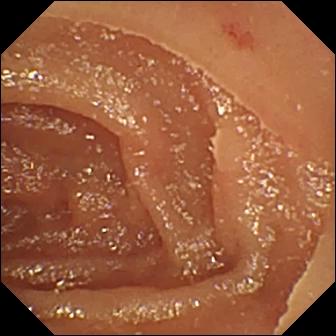Q: What does this VCE view show?
A: Angiectasia.